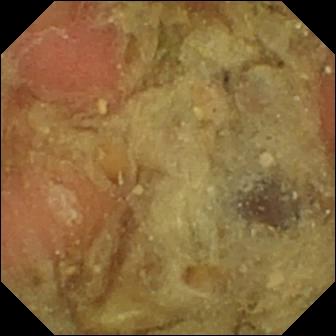modality: wireless capsule endoscopy; category: anatomical landmark; label: pylorus region (the junction between the stomach and the small bowel)